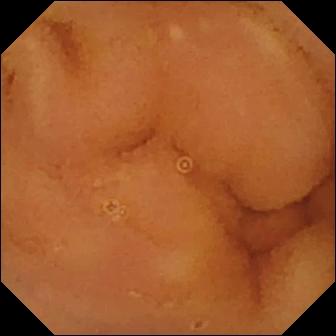This WCE frame of the small bowel shows normal clean mucosa.